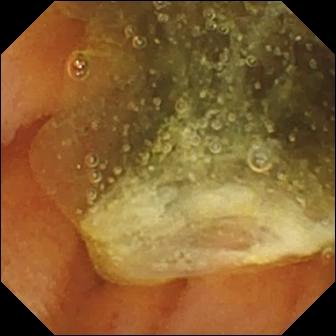PROCEDURE: WCE.
FINDINGS: Normal clean mucosa.